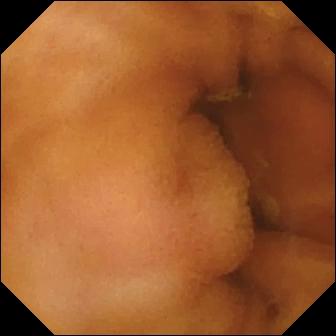Capsule endoscopy. Observation: normal clean mucosa.